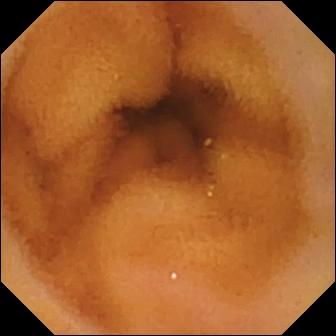modality: video capsule endoscopy
category: luminal finding
observation: normal clean mucosa